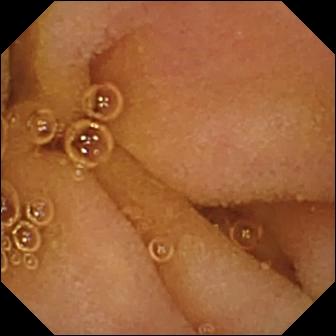{"modality": "video capsule endoscopy", "segment": "small intestine", "category": "luminal finding", "finding": "normal clean mucosa"}